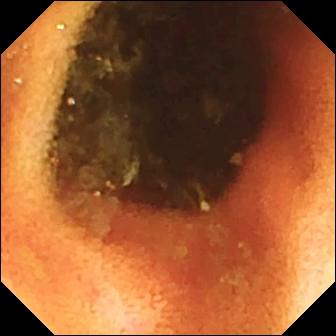Ileo-cecal valve region (where the capsule passes from the small bowel into the large bowel).